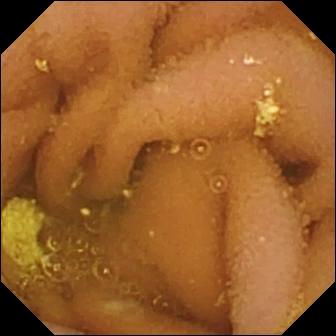PROCEDURE: WCE.
FINDINGS: Lymphangiectasia.